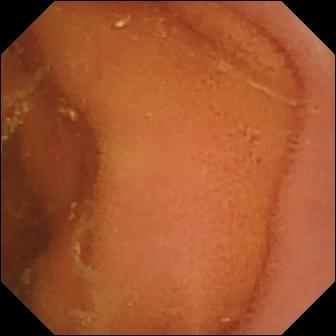Wireless capsule endoscopy image (small bowel). Normal clean mucosa.